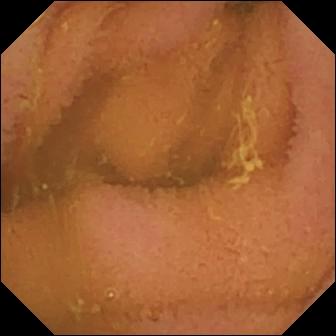modality: VCE | segment: small bowel | category: luminal finding | observation: normal clean mucosa